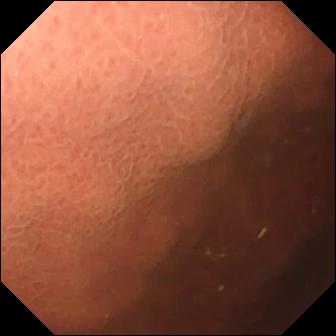{"modality": "small-bowel capsule endoscopy", "video_segment": "pylorus region (where the capsule passes from the stomach into the small bowel)"}